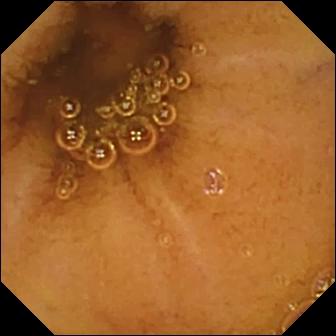Video capsule endoscopy. Small intestine. Label: normal clean mucosa.